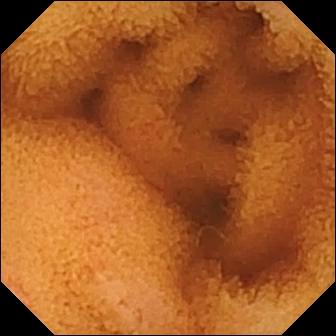WCE. Luminal finding. Label: normal clean mucosa.